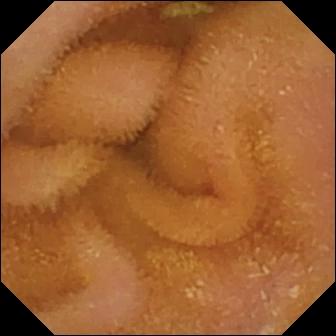This capsule endoscopy frame of the small bowel shows normal clean mucosa.